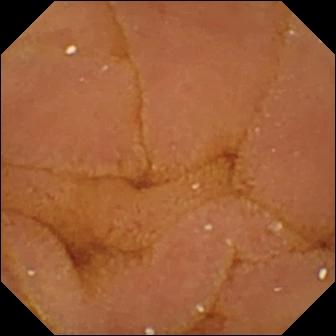Normal clean mucosa — small-bowel capsule endoscopy image.